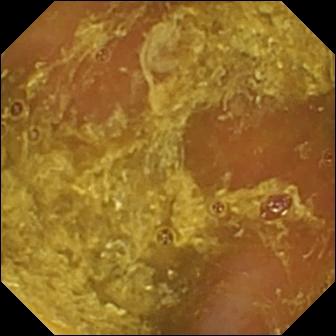- modality: VCE
- category: luminal finding
- finding: reduced mucosal view (content or bubbles obscuring the mucosa)